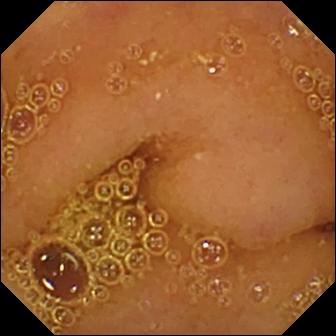Small-bowel capsule endoscopy — normal clean mucosa.